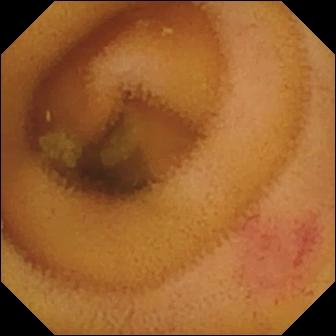Capsule endoscopy — angiectasia.